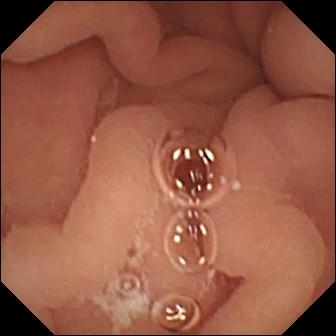Capsule endoscopy — pylorus region (where the capsule passes from the stomach into the small bowel).